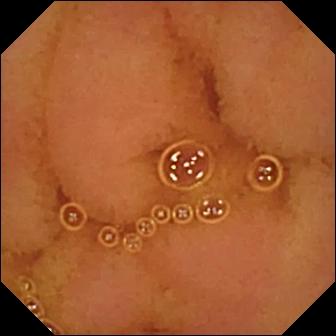Small-bowel capsule endoscopy — normal clean mucosa.